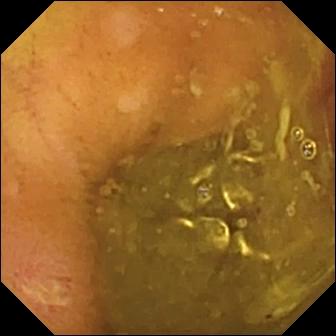modality: WCE; category: luminal finding; impression: ulcer